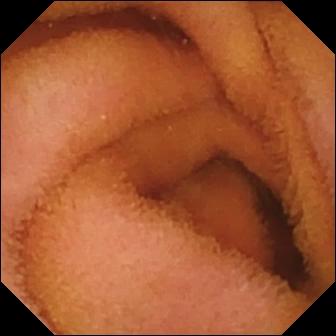PROCEDURE: Wireless capsule endoscopy.
FINDINGS: Normal clean mucosa.